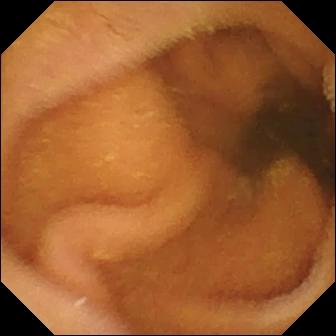Normal clean mucosa.